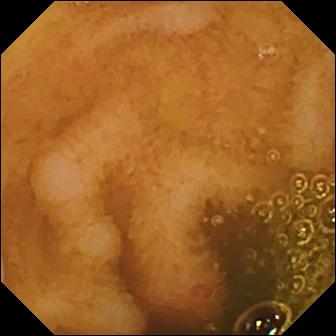VCE — erosion.